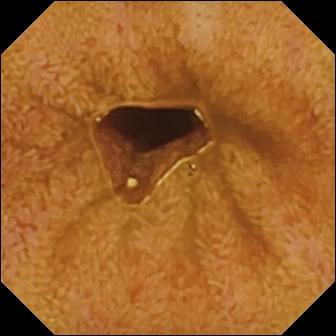Ileo-cecal valve region (where the capsule passes from the small bowel into the large bowel) — capsule endoscopy snapshot.